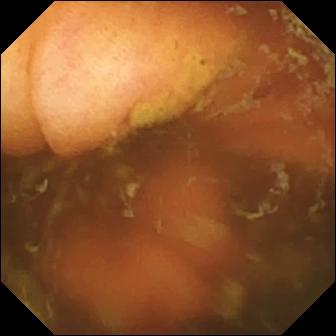- modality: capsule endoscopy
- video segment: ileo-cecal valve region (the transition from the small bowel to the large bowel)